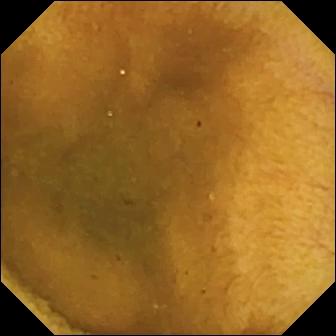VCE frame (small bowel), 336×336. Normal clean mucosa.